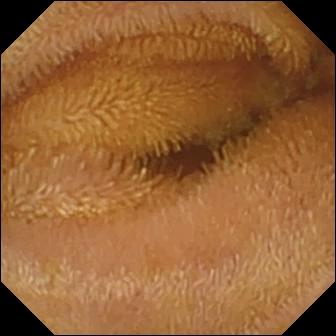Q: What does this capsule endoscopy view of the small bowel show?
A: Normal clean mucosa.